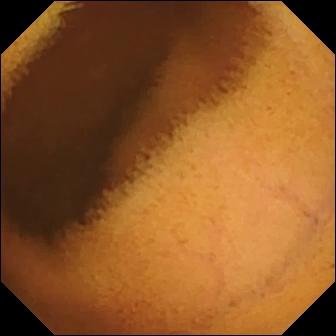VCE image. Normal clean mucosa.